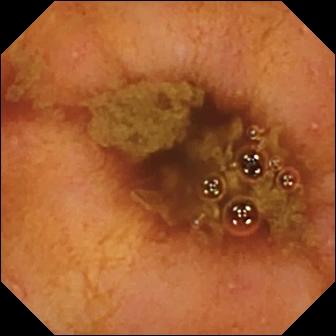Video capsule endoscopy frame, 336×336. Taken in the ileo-cecal valve region (where the capsule passes from the small bowel into the large bowel).